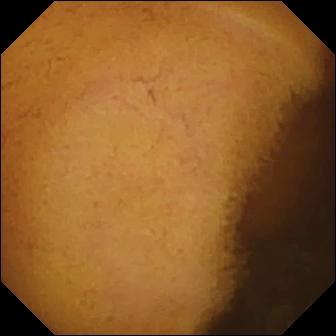- modality: WCE
- segment: small intestine
- observation: normal clean mucosa